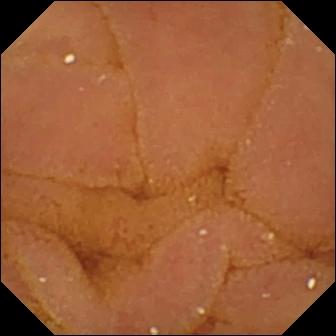- modality: small-bowel capsule endoscopy
- category: luminal finding
- finding: normal clean mucosa